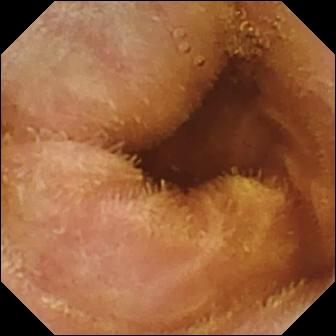Normal clean mucosa (336×336).